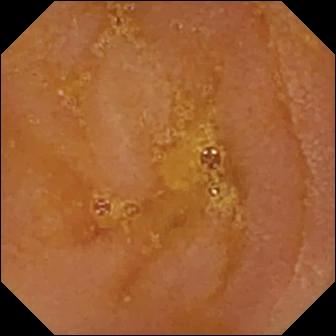{"modality": "video capsule endoscopy", "segment": "small bowel", "finding": "reduced mucosal view (content or bubbles obscuring the mucosa)"}